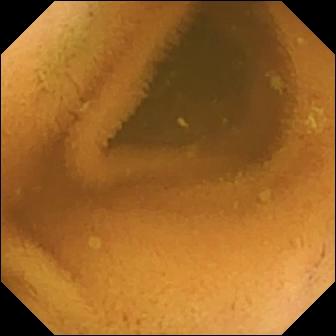VCE. Small intestine. Label: normal clean mucosa.